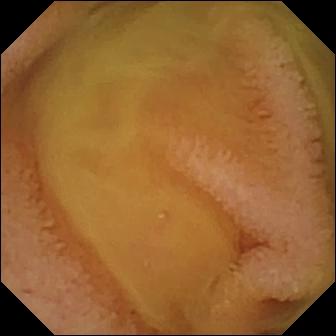{"modality": "VCE", "finding": "normal clean mucosa"}